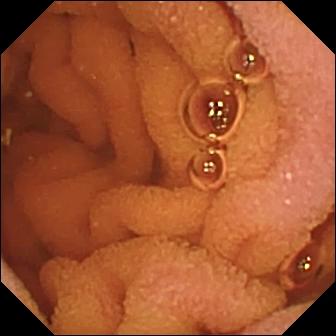modality: VCE | label: normal clean mucosa